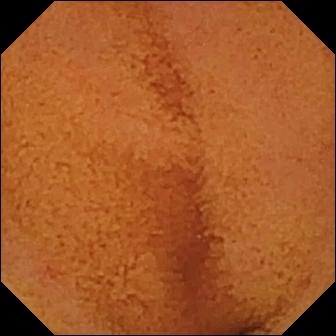Wireless capsule endoscopy still (small intestine). Normal clean mucosa.